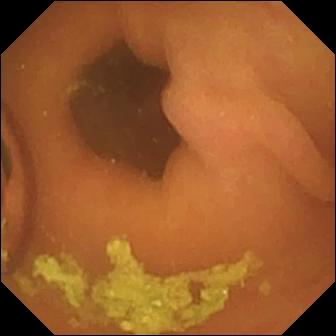This wireless capsule endoscopy snapshot shows foreign body (e.g. retained capsule, tablet residue).